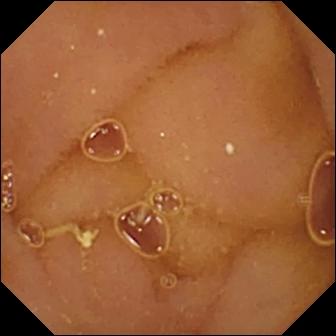Q: What does this small-bowel capsule endoscopy view show?
A: Normal clean mucosa.